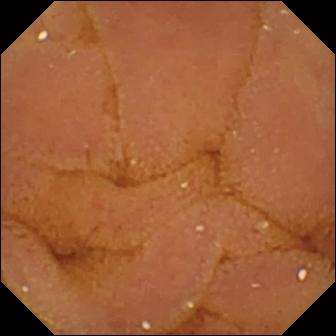{"modality": "small-bowel capsule endoscopy", "segment": "small bowel", "finding": "normal clean mucosa"}